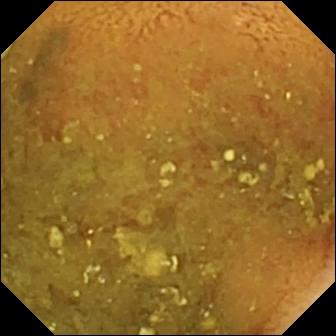modality: WCE; segment: small intestine; category: luminal finding; impression: reduced mucosal view (content or bubbles obscuring the mucosa)